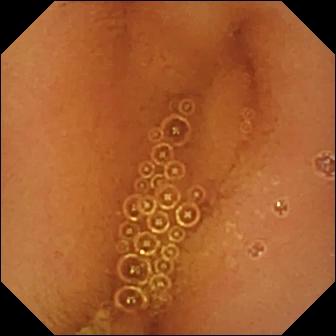PROCEDURE: Wireless capsule endoscopy.
FINDINGS: Normal clean mucosa.